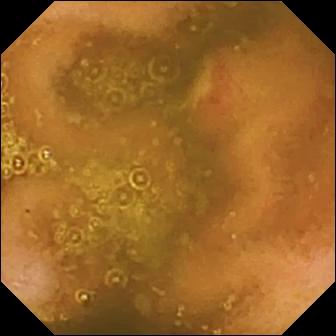This VCE image shows ulcer.